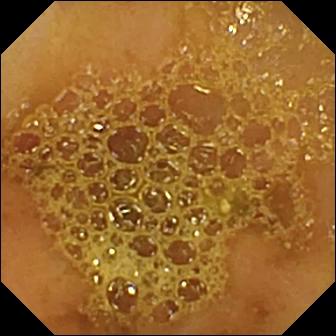Q: Where in the digestive tract was this VCE still taken?
A: Ileo-cecal valve region.